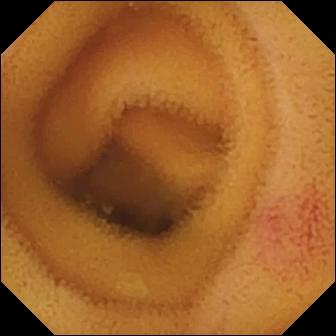- modality: video capsule endoscopy
- label: angiectasia